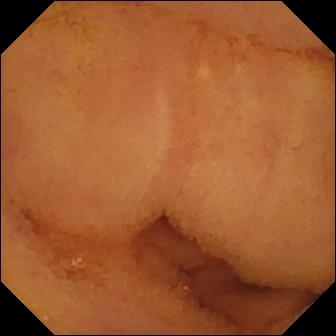Video capsule endoscopy — normal clean mucosa.